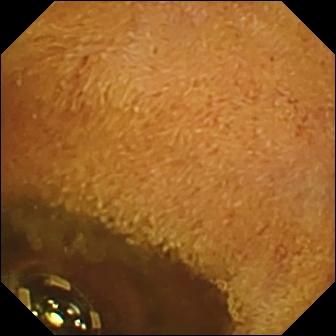Foreign body (e.g. retained capsule, tablet residue) — wireless capsule endoscopy snapshot.